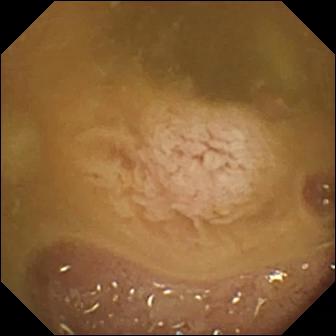PROCEDURE: Wireless capsule endoscopy.
POSITION: Ileo-cecal valve region (the transition from the small bowel to the large bowel).